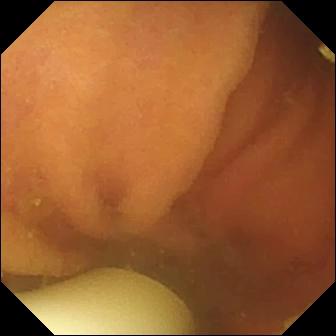Wireless capsule endoscopy snapshot
Impression: foreign body (e.g. retained capsule, tablet residue)